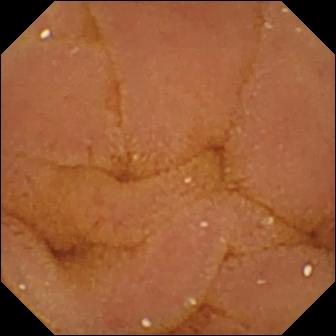Normal clean mucosa.